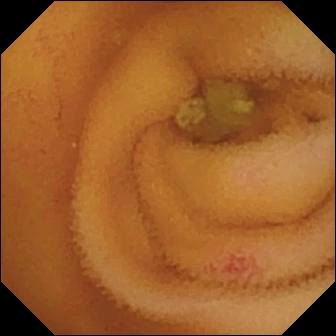modality: VCE | category: luminal finding | impression: angiectasia